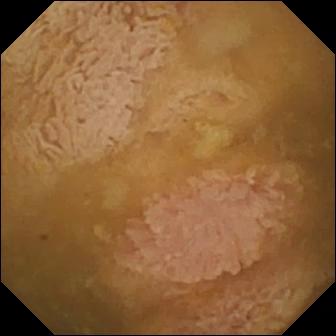Wireless capsule endoscopy. Location: ileo-cecal valve region (the transition from the small bowel to the large bowel).